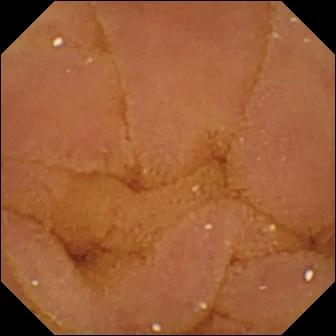- modality: small-bowel capsule endoscopy
- segment: small bowel
- observation: normal clean mucosa